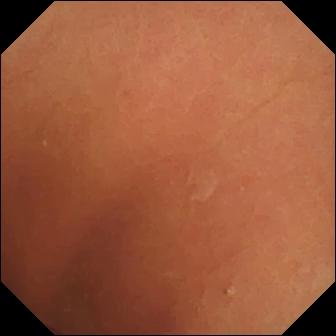{"modality": "wireless capsule endoscopy", "finding": "normal clean mucosa"}